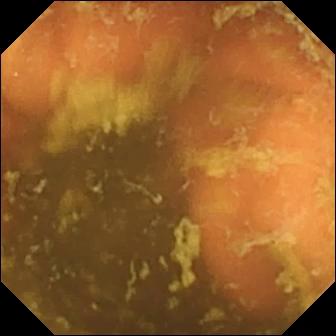modality: VCE; label: ileo-cecal valve region